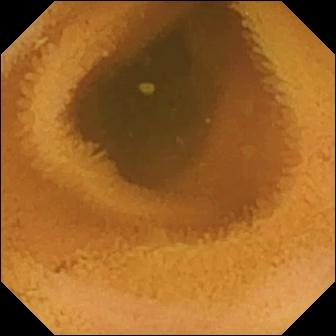Wireless capsule endoscopy view
Label: normal clean mucosa